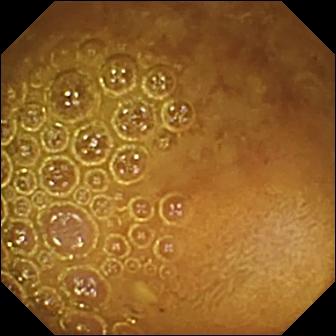Reduced mucosal view (content or bubbles obscuring the mucosa) — wireless capsule endoscopy view of the small intestine.